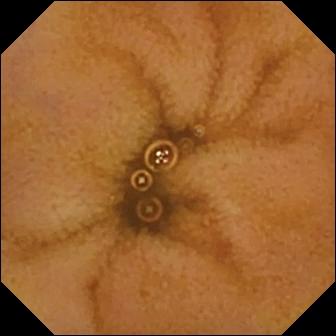Small-bowel capsule endoscopy still, small intestine
Impression: normal clean mucosa